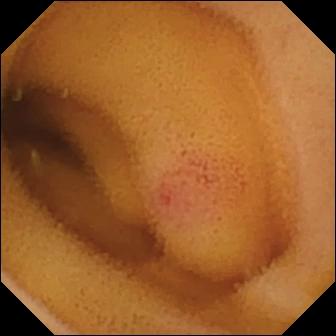This video capsule endoscopy still shows angiectasia.